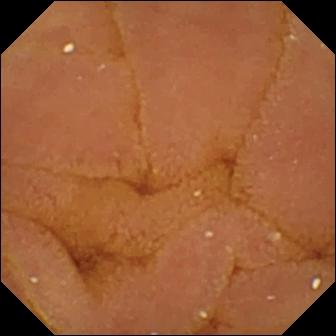modality: small-bowel capsule endoscopy; finding: normal clean mucosa